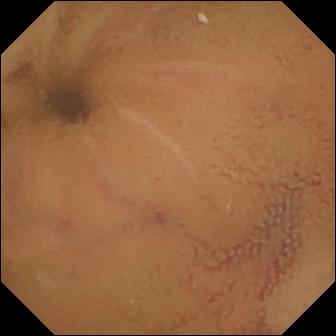{"modality": "capsule endoscopy", "finding": "normal clean mucosa"}